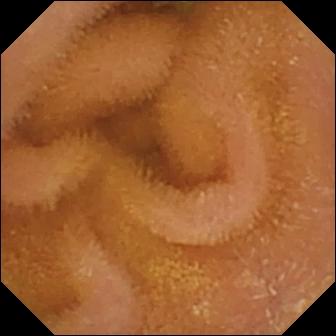Normal clean mucosa.